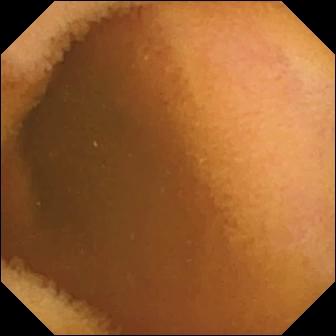Q: What does this small-bowel capsule endoscopy frame of the small intestine show?
A: Normal clean mucosa.